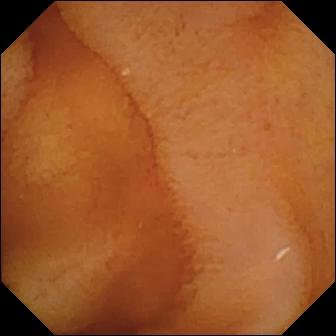Video capsule endoscopy frame showing normal clean mucosa.